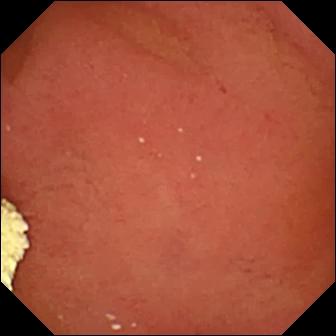PROCEDURE: Capsule endoscopy.
LABEL: Pylorus region (where the capsule passes from the stomach into the small bowel).